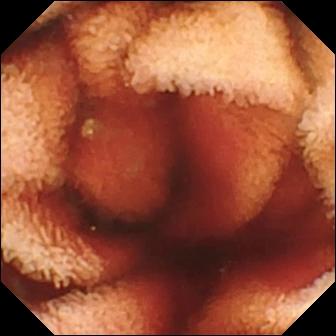- modality: WCE
- label: fresh blood in the lumen